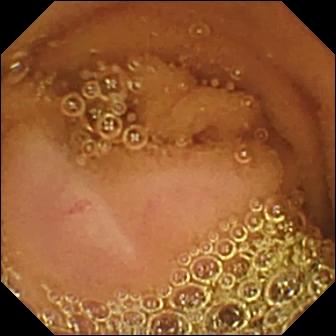This video capsule endoscopy snapshot of the small intestine shows normal clean mucosa.